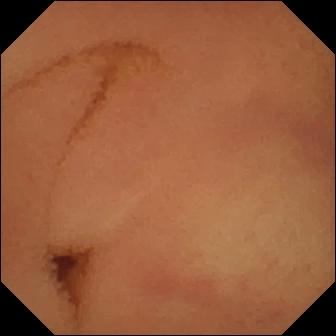Video capsule endoscopy frame
Observation: normal clean mucosa